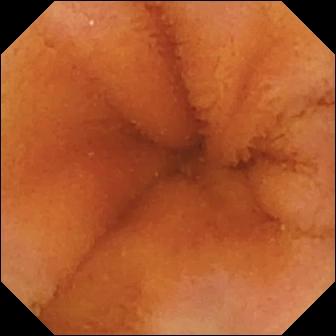VCE frame of the small bowel showing normal clean mucosa.